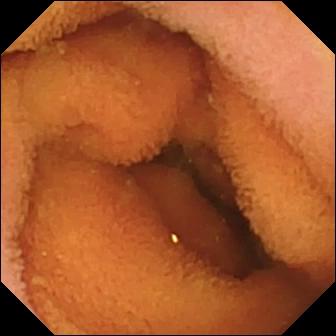PROCEDURE: Video capsule endoscopy.
FINDINGS: Normal clean mucosa.